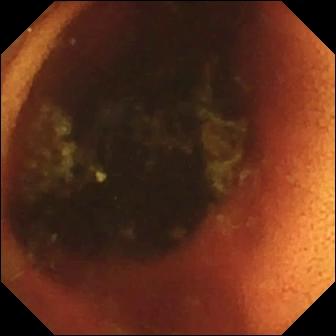Ileo-cecal valve region (where the capsule passes from the small bowel into the large bowel) — wireless capsule endoscopy frame.